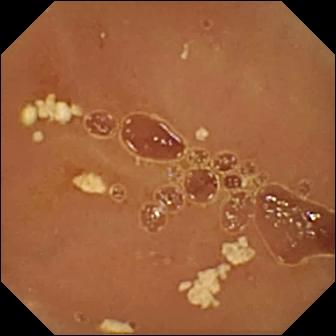Normal clean mucosa — capsule endoscopy still of the small bowel.